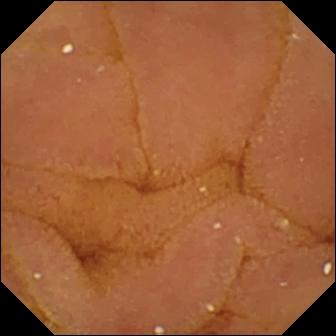WCE. Impression: normal clean mucosa.